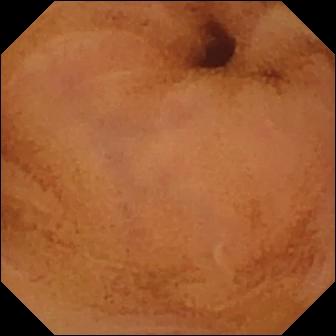WCE snapshot of the small bowel showing normal clean mucosa.